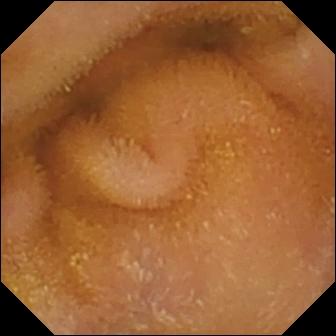WCE view. Normal clean mucosa.